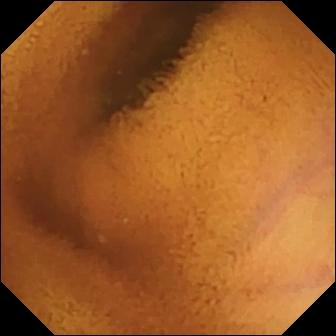VCE. Observation: normal clean mucosa.